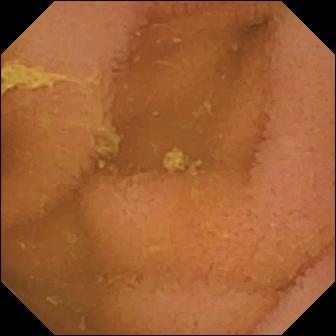- modality: capsule endoscopy
- finding: normal clean mucosa